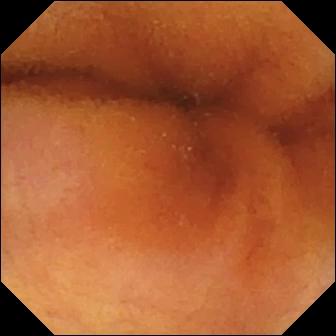{"modality": "small-bowel capsule endoscopy", "segment": "small intestine", "finding": "normal clean mucosa"}